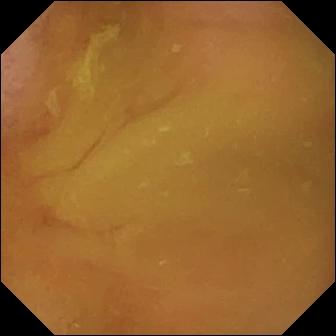Normal clean mucosa.